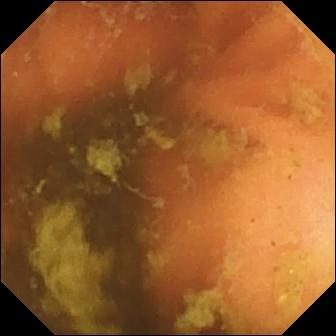WCE — ileo-cecal valve region (the transition from the small bowel to the large bowel).